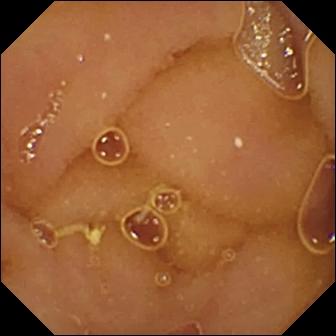Small-bowel capsule endoscopy — normal clean mucosa.